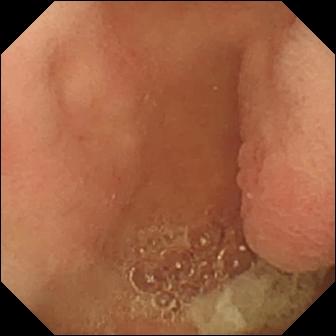Pylorus region (where the capsule passes from the stomach into the small bowel).